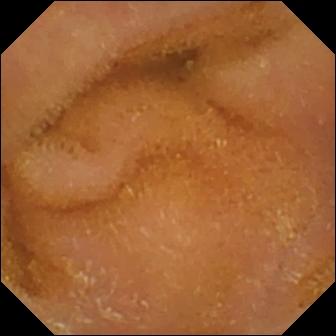Q: What does this small-bowel capsule endoscopy snapshot of the small bowel show?
A: Normal clean mucosa.